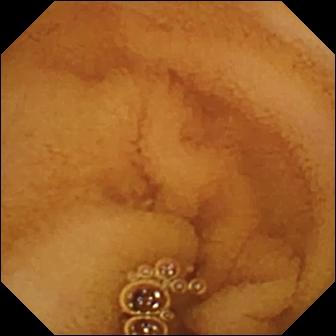- modality: VCE
- category: luminal finding
- finding: normal clean mucosa